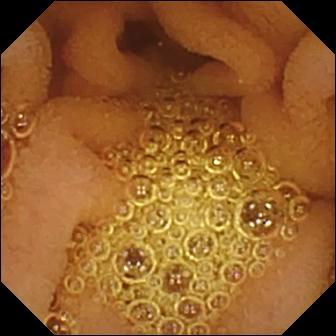modality: WCE
segment: small bowel
observation: normal clean mucosa